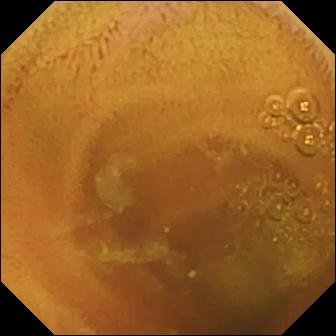Normal clean mucosa.